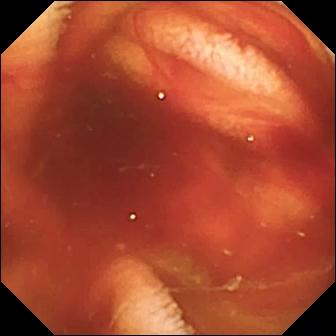Capsule endoscopy frame showing fresh blood in the lumen.